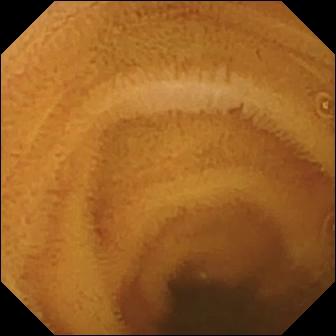Normal clean mucosa.